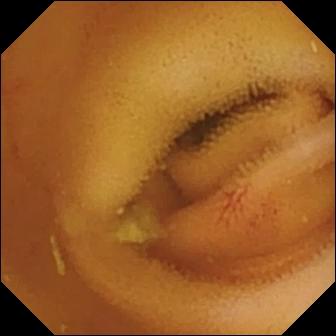{"modality": "VCE", "finding": "angiectasia"}